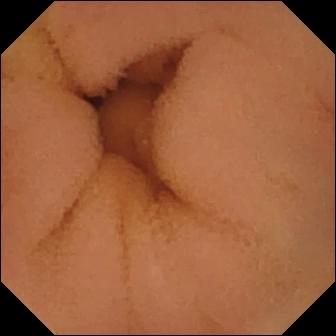This wireless capsule endoscopy view of the small intestine shows normal clean mucosa.